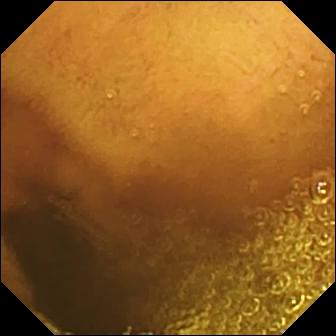This wireless capsule endoscopy still shows normal clean mucosa.